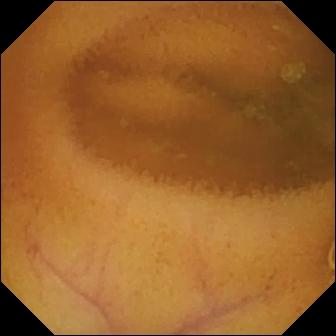modality: capsule endoscopy
observation: normal clean mucosa